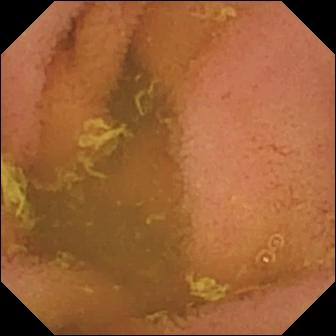WCE — normal clean mucosa.